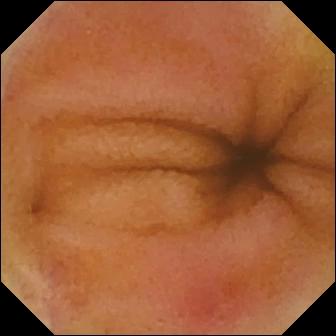WCE still. Erythema (mucosal redness).